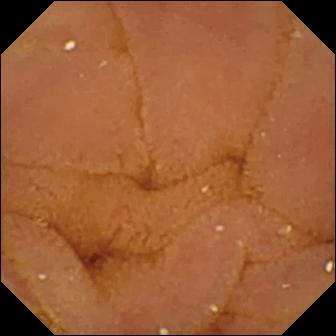Normal clean mucosa — small-bowel capsule endoscopy image.